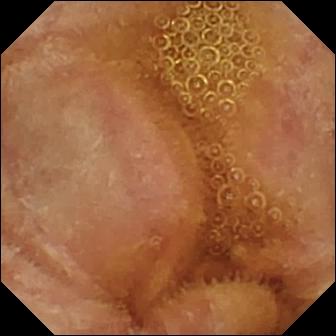Wireless capsule endoscopy view (small intestine). Normal clean mucosa.